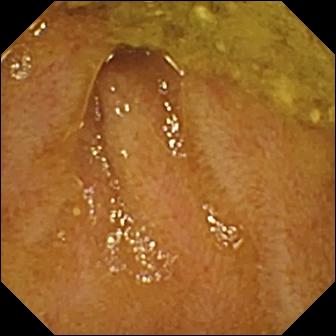This WCE frame was taken in the ileo-cecal valve region (the transition from the small bowel to the large bowel).